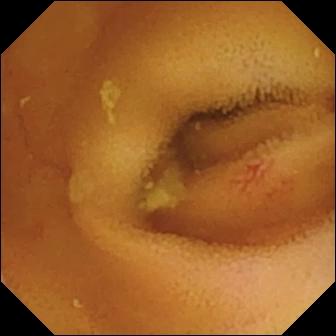{"modality": "small-bowel capsule endoscopy", "finding": "angiectasia"}